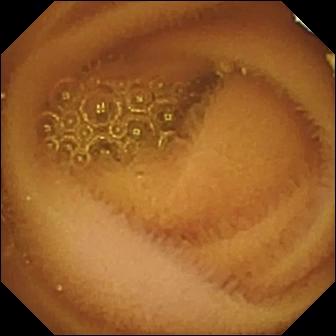VCE snapshot, small bowel
Label: normal clean mucosa